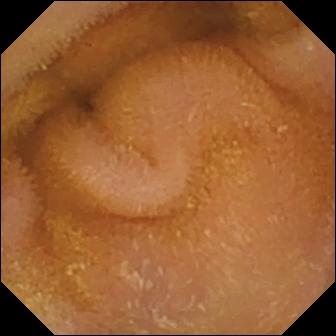Wireless capsule endoscopy image. Normal clean mucosa.